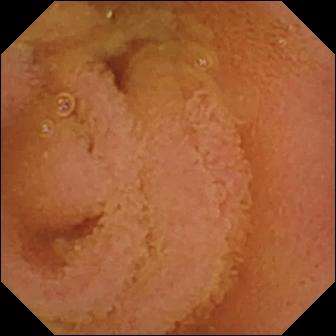Video capsule endoscopy image showing normal clean mucosa.